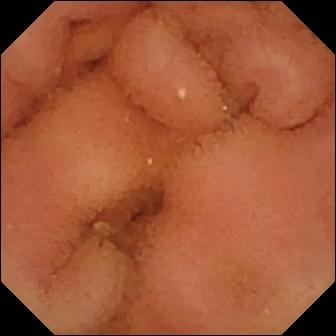This wireless capsule endoscopy image shows normal clean mucosa.